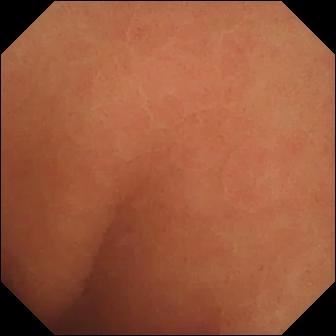Normal clean mucosa — video capsule endoscopy image.